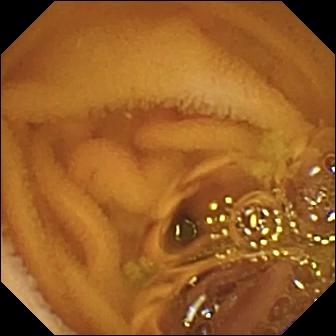Q: What does this capsule endoscopy snapshot show?
A: Normal clean mucosa.